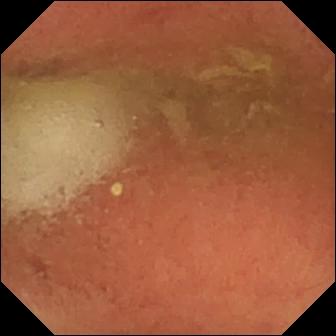{"modality": "capsule endoscopy", "position": "pylorus region (the junction between the stomach and the small bowel)"}